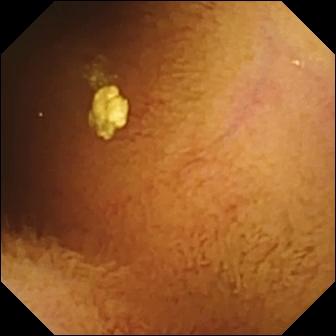Normal clean mucosa (336×336).